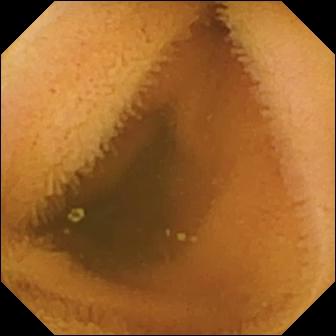{"modality": "WCE", "finding": "normal clean mucosa"}